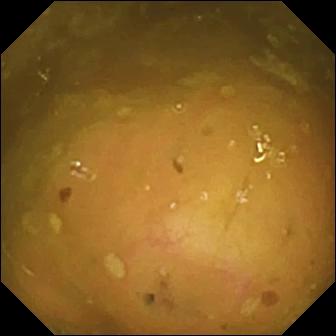Wireless capsule endoscopy. Video segment: ileo-cecal valve region (where the capsule passes from the small bowel into the large bowel).